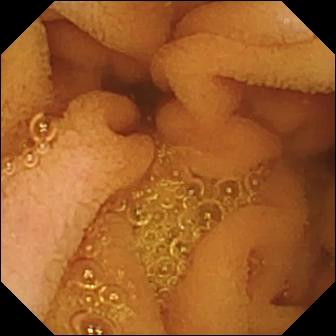Wireless capsule endoscopy — normal clean mucosa.